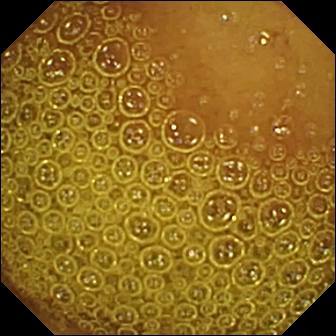Normal clean mucosa.